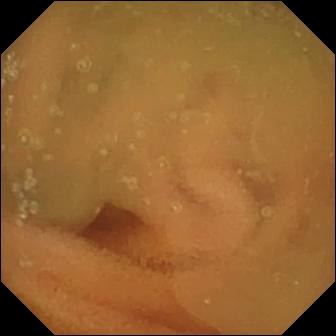Normal clean mucosa — wireless capsule endoscopy frame of the small intestine.